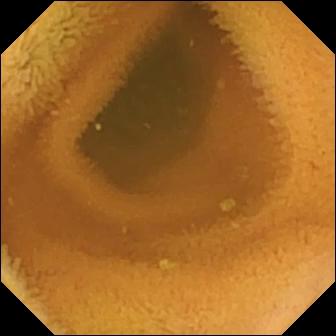PROCEDURE: Wireless capsule endoscopy.
FINDINGS: Normal clean mucosa.